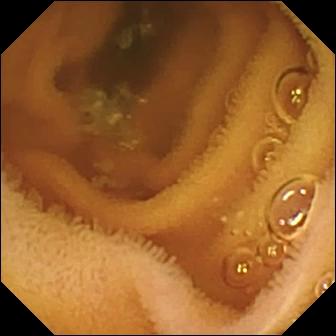WCE view (small intestine). Normal clean mucosa.